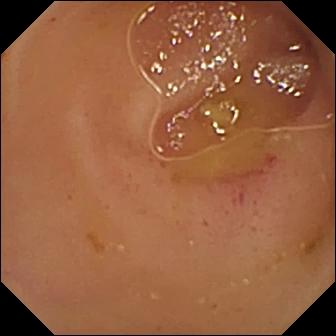This video capsule endoscopy view shows erythema (mucosal redness).